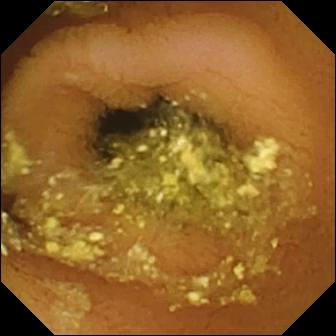Wireless capsule endoscopy view of the small bowel showing normal clean mucosa.